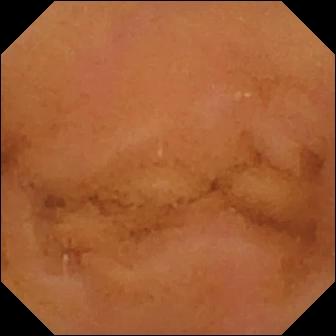PROCEDURE: Wireless capsule endoscopy.
FINDINGS: Normal clean mucosa.